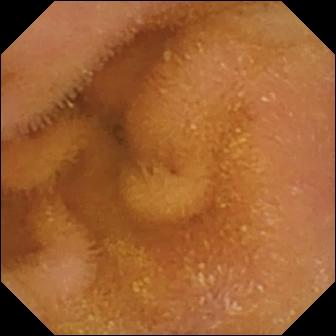Normal clean mucosa — small-bowel capsule endoscopy still of the small bowel.